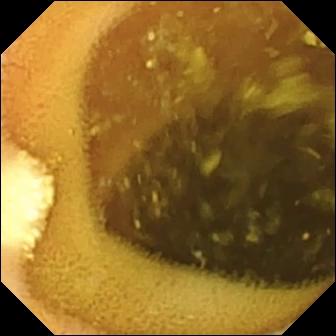Video capsule endoscopy view showing lymphangiectasia.